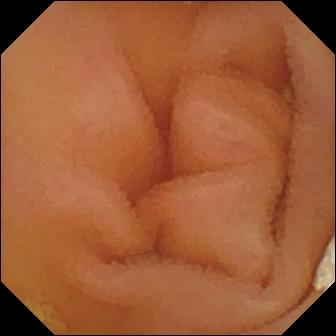Capsule endoscopy — lymphangiectasia.